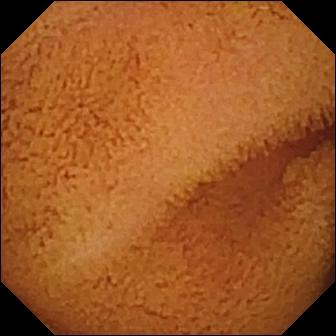{"modality": "small-bowel capsule endoscopy", "category": "luminal finding", "finding": "normal clean mucosa"}